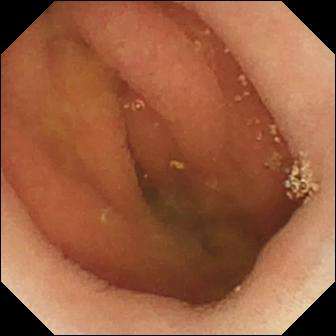- modality: small-bowel capsule endoscopy
- label: pylorus region